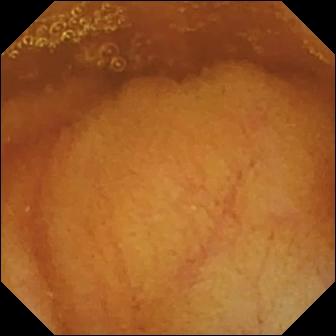{"modality": "video capsule endoscopy", "segment": "small intestine", "finding": "normal clean mucosa"}